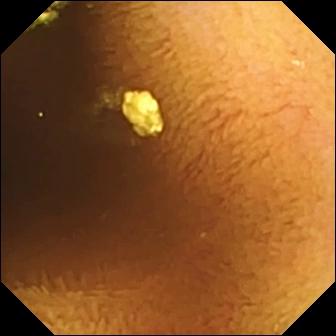Q: What does this capsule endoscopy frame show?
A: Normal clean mucosa.